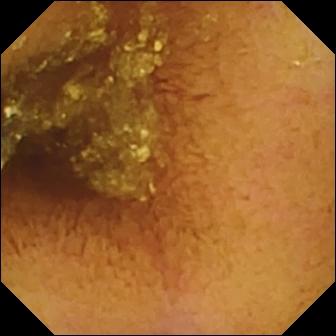{"modality": "video capsule endoscopy", "segment": "small bowel", "finding": "normal clean mucosa"}